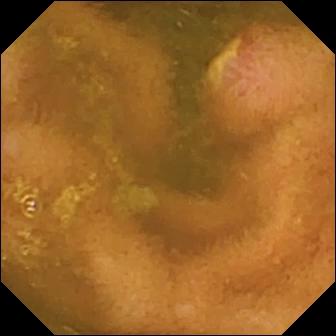PROCEDURE: WCE.
FINDINGS: Ulcer.